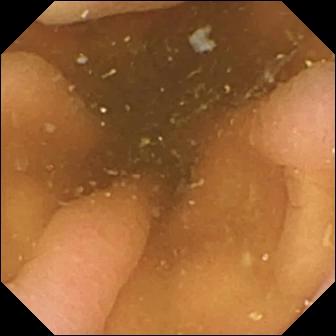Small-bowel capsule endoscopy view. Taken in the pylorus region.